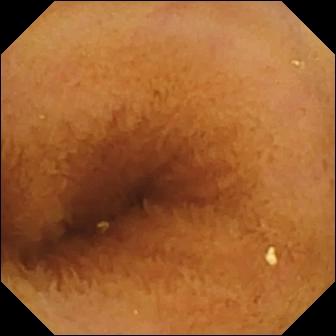WCE. Luminal finding. Observation: normal clean mucosa.